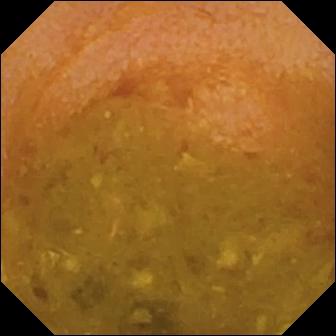PROCEDURE: Small-bowel capsule endoscopy.
FINDINGS: Reduced mucosal view (content or bubbles obscuring the mucosa).